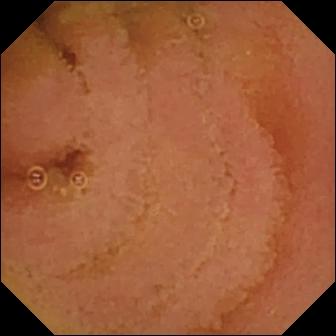Normal clean mucosa (336×336).